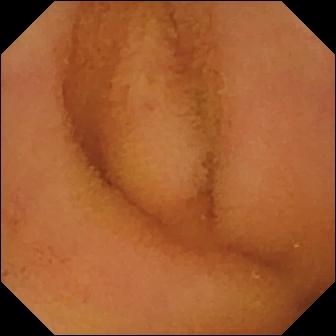modality: small-bowel capsule endoscopy
segment: small bowel
category: luminal finding
label: normal clean mucosa